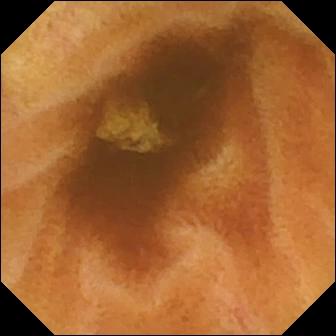Wireless capsule endoscopy view
Label: normal clean mucosa